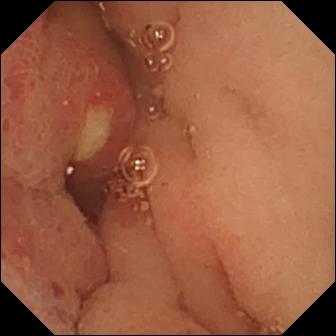Ulcer — WCE snapshot.